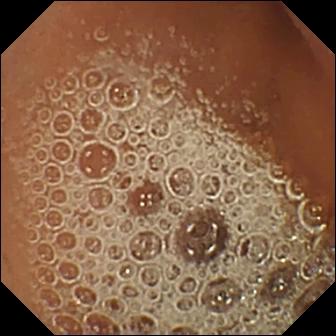modality: small-bowel capsule endoscopy | finding: normal clean mucosa